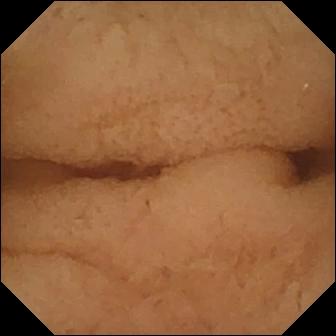Pylorus region (where the capsule passes from the stomach into the small bowel).